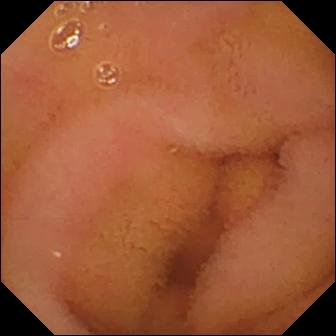modality: small-bowel capsule endoscopy; observation: normal clean mucosa